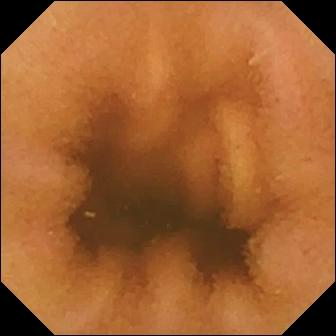Video capsule endoscopy — normal clean mucosa.